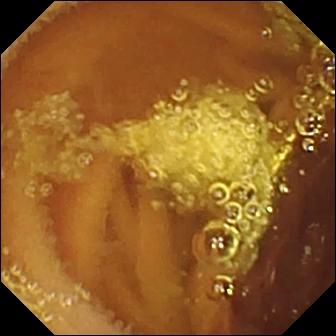Video capsule endoscopy view. Normal clean mucosa.